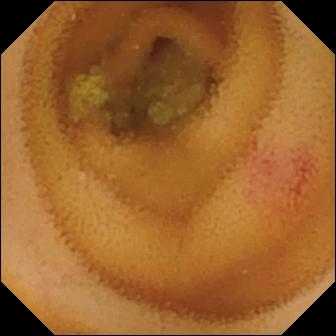This wireless capsule endoscopy frame shows angiectasia.